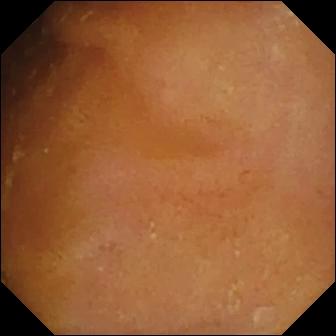Video capsule endoscopy image
Impression: normal clean mucosa